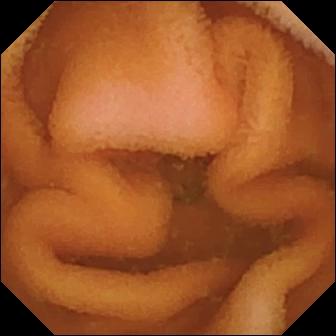- modality: VCE
- segment: small bowel
- category: luminal finding
- finding: normal clean mucosa